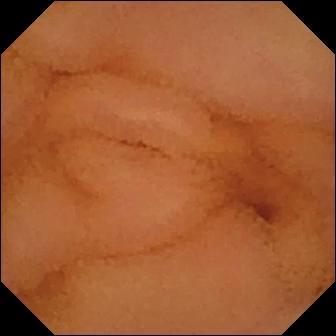Capsule endoscopy — normal clean mucosa.